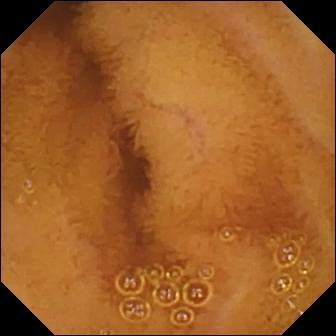PROCEDURE: Capsule endoscopy.
FINDINGS: Normal clean mucosa.